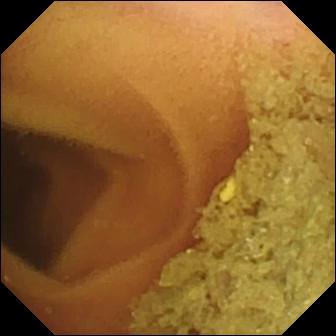This VCE still of the small bowel shows normal clean mucosa.